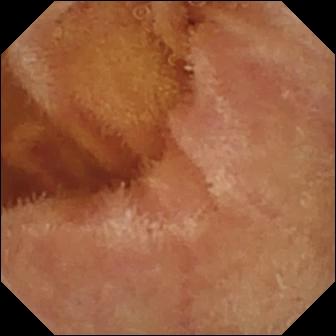Video capsule endoscopy — normal clean mucosa.